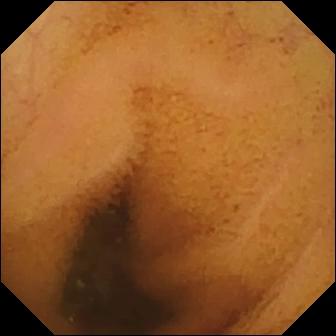Wireless capsule endoscopy view showing normal clean mucosa.